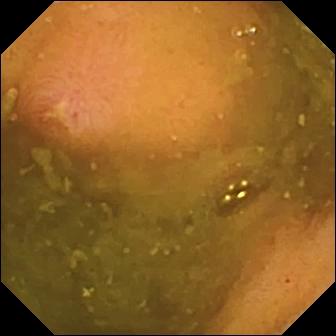{"modality": "WCE", "category": "luminal finding", "finding": "ulcer"}